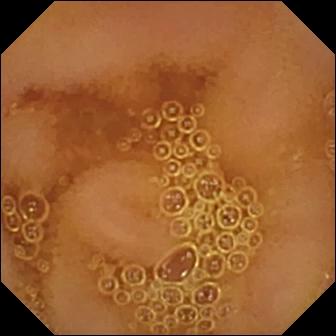Normal clean mucosa — VCE still of the small intestine.